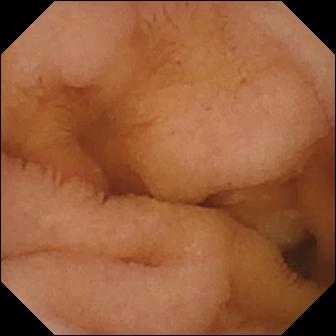modality: small-bowel capsule endoscopy | segment: small bowel | category: luminal finding | observation: normal clean mucosa